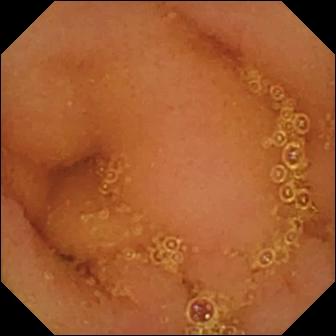WCE image, small intestine
Observation: normal clean mucosa